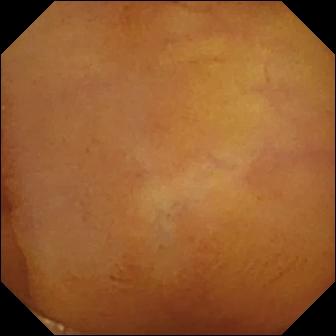Normal clean mucosa — video capsule endoscopy view.